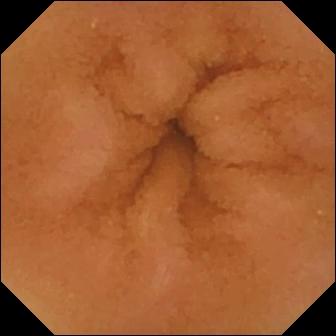VCE — normal clean mucosa.